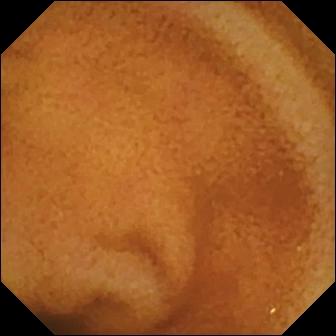Video capsule endoscopy — normal clean mucosa.